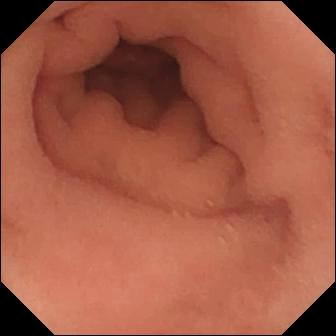PROCEDURE: Capsule endoscopy.
LABEL: Pylorus region.